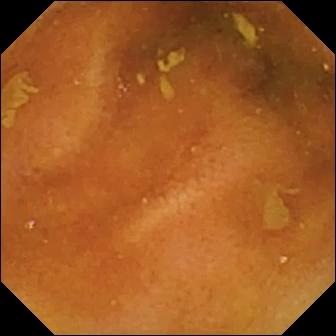modality: capsule endoscopy
segment: small bowel
impression: normal clean mucosa